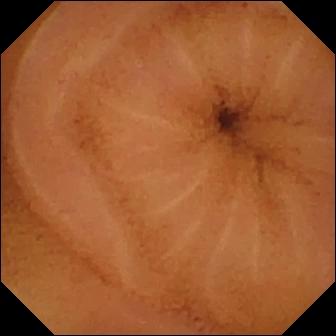Normal clean mucosa — capsule endoscopy frame.